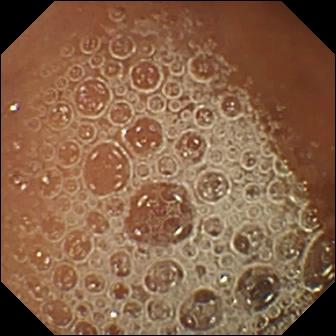WCE — normal clean mucosa.